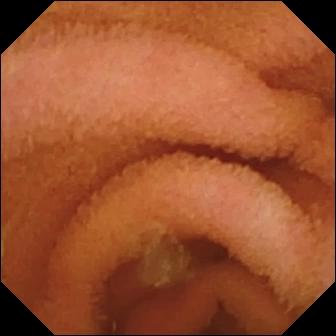Q: What does this WCE view of the small intestine show?
A: Normal clean mucosa.